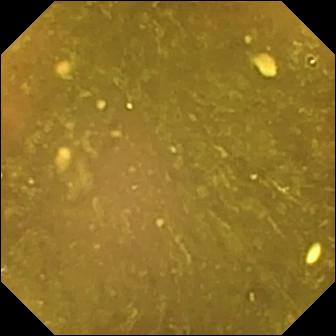This WCE snapshot shows reduced mucosal view (content or bubbles obscuring the mucosa).